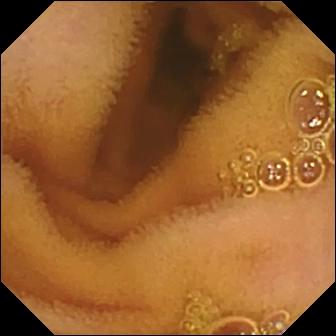This small-bowel capsule endoscopy still shows normal clean mucosa.